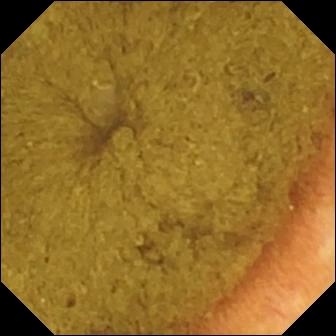WCE snapshot. Taken in the ileo-cecal valve region.